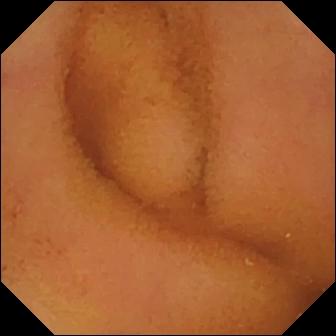{"modality": "WCE", "segment": "small bowel", "finding": "normal clean mucosa"}